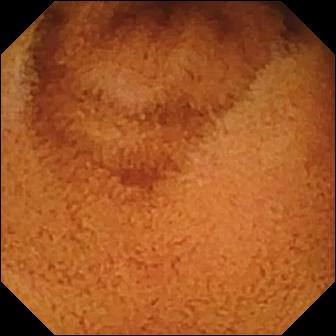WCE view of the small bowel showing normal clean mucosa.